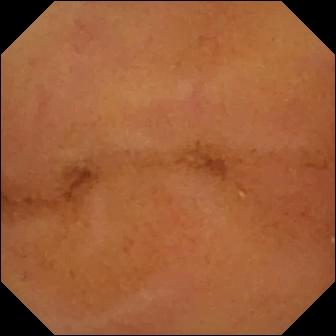Video capsule endoscopy — normal clean mucosa.